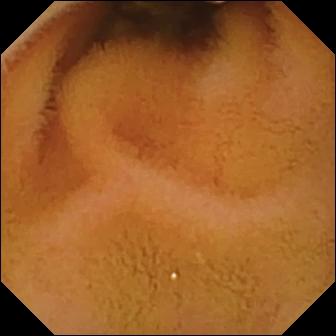{"modality": "capsule endoscopy", "category": "luminal finding", "finding": "normal clean mucosa"}